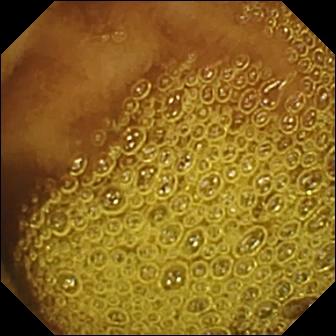VCE still, small intestine
Finding: normal clean mucosa